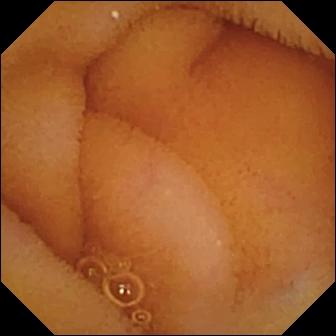Small-bowel capsule endoscopy frame (small bowel). Normal clean mucosa.